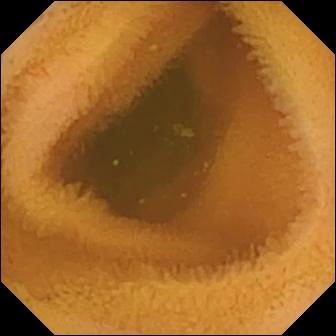WCE — normal clean mucosa.